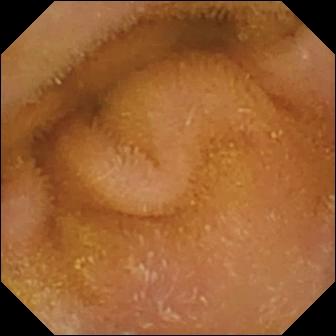Q: What does this video capsule endoscopy frame show?
A: Normal clean mucosa.